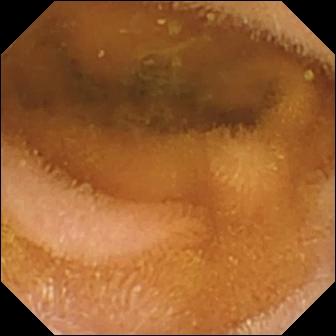VCE — normal clean mucosa.